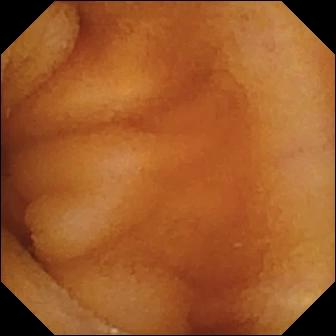WCE still (small intestine). Normal clean mucosa.